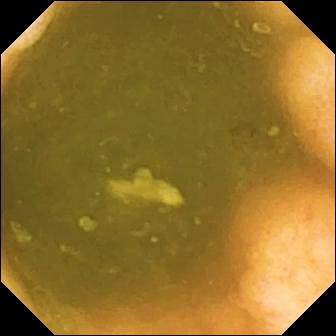Capsule endoscopy. Position: ileo-cecal valve region (where the capsule passes from the small bowel into the large bowel).